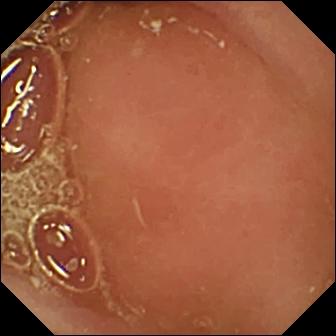This wireless capsule endoscopy still was taken in the pylorus region (where the capsule passes from the stomach into the small bowel).